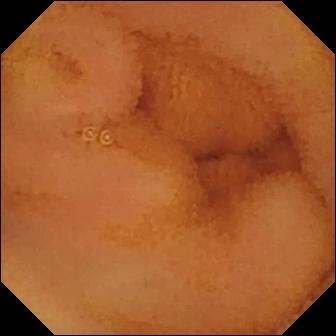Normal clean mucosa.